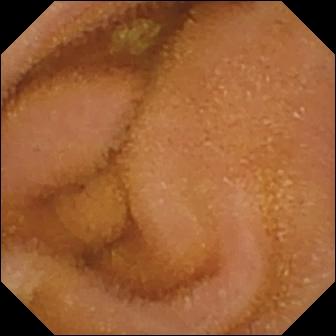Small-bowel capsule endoscopy still (small bowel), 336×336. Normal clean mucosa.